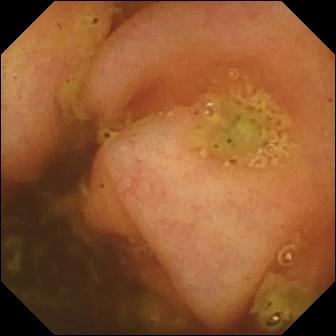Video capsule endoscopy still
Position: ileo-cecal valve region (where the capsule passes from the small bowel into the large bowel)